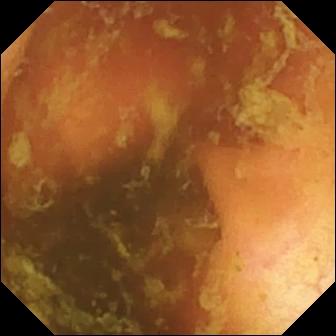PROCEDURE: WCE.
VIDEO SEGMENT: Ileo-cecal valve region (where the capsule passes from the small bowel into the large bowel).